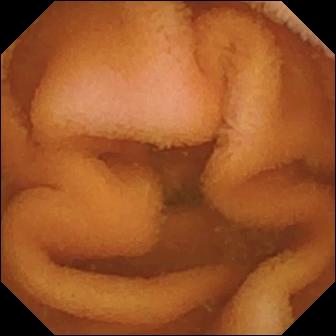WCE snapshot showing normal clean mucosa.